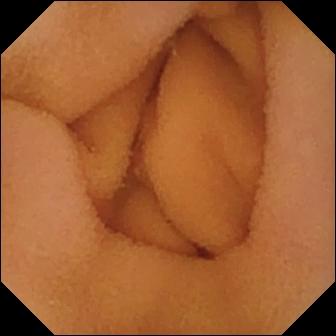Capsule endoscopy. Small intestine. Impression: normal clean mucosa.